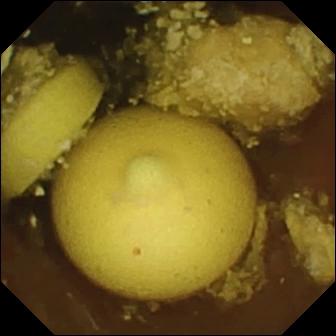WCE snapshot. Foreign body (e.g. retained capsule, tablet residue).